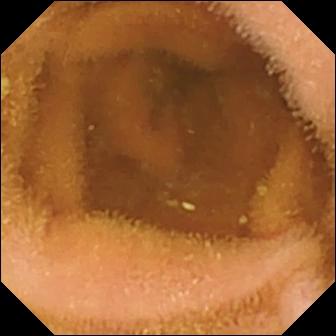{"modality": "VCE", "segment": "small intestine", "finding": "normal clean mucosa"}